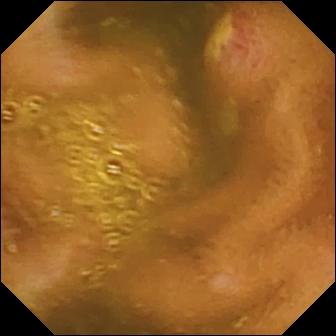modality: capsule endoscopy | category: luminal finding | label: ulcer